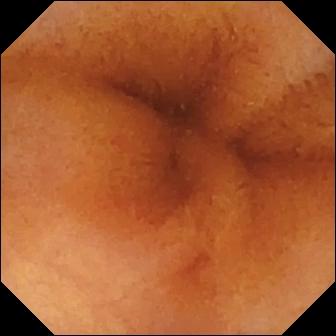Normal clean mucosa — small-bowel capsule endoscopy view.